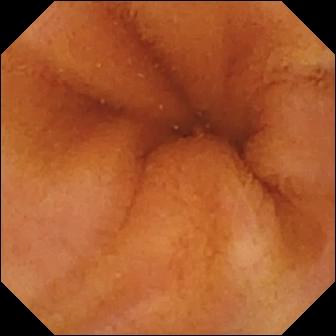Normal clean mucosa.